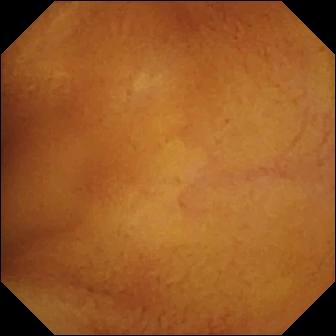Wireless capsule endoscopy still of the small bowel showing normal clean mucosa.